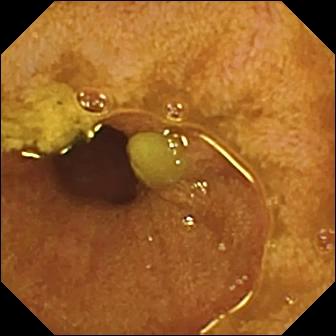This WCE frame was taken in the ileo-cecal valve region (where the capsule passes from the small bowel into the large bowel).